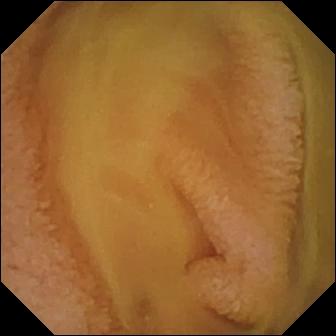{"modality": "wireless capsule endoscopy", "segment": "small intestine", "category": "luminal finding", "finding": "normal clean mucosa"}